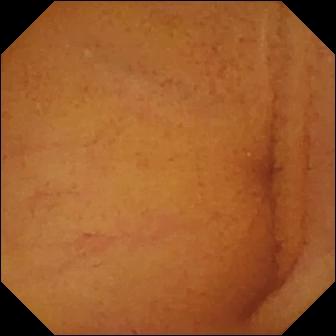Normal clean mucosa.